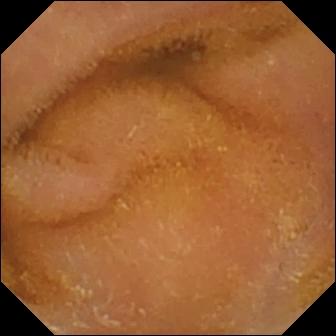Normal clean mucosa — WCE still of the small bowel.